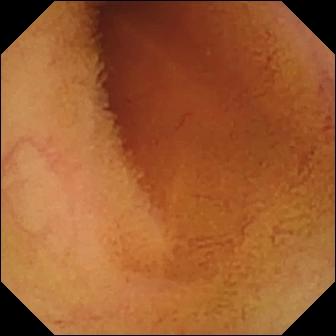modality: small-bowel capsule endoscopy
observation: normal clean mucosa